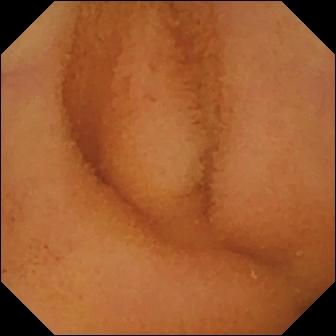Small-bowel capsule endoscopy. Luminal finding. Observation: normal clean mucosa.